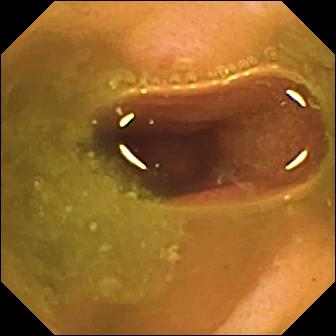- modality: capsule endoscopy
- impression: ulcer